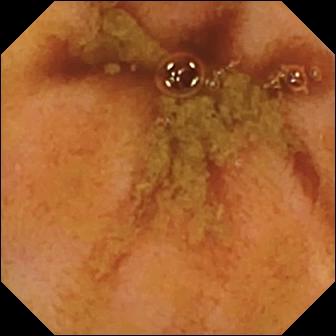Ileo-cecal valve region (the transition from the small bowel to the large bowel) — VCE image.